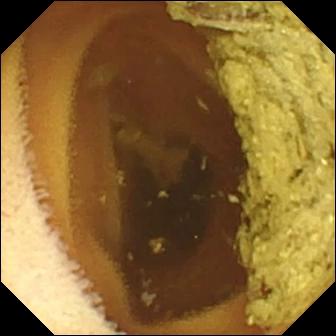Wireless capsule endoscopy — normal clean mucosa.